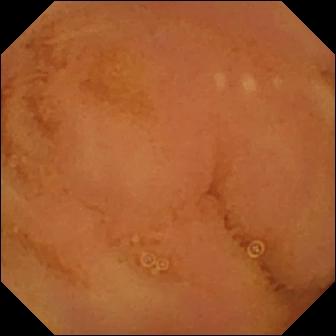Small-bowel capsule endoscopy frame. Normal clean mucosa.